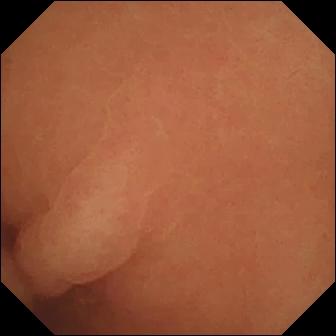PROCEDURE: VCE.
FINDINGS: Normal clean mucosa.